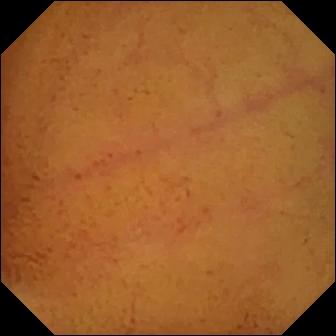Q: What does this WCE view of the small intestine show?
A: Normal clean mucosa.